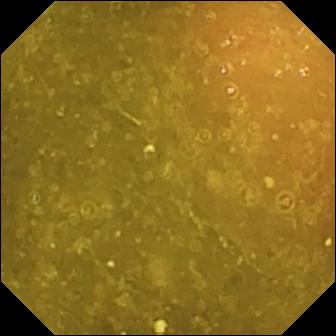Ileo-cecal valve region (where the capsule passes from the small bowel into the large bowel).